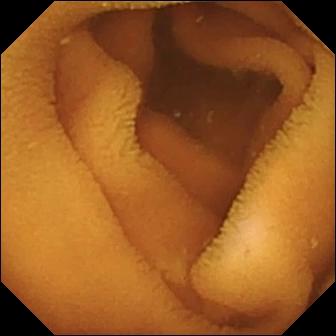Capsule endoscopy snapshot, small bowel
Finding: normal clean mucosa